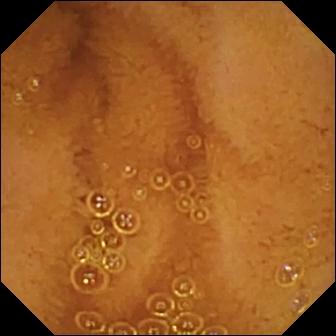Normal clean mucosa.